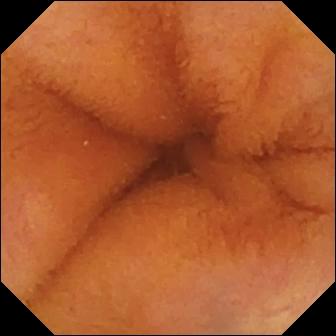modality: small-bowel capsule endoscopy | segment: small intestine | label: normal clean mucosa